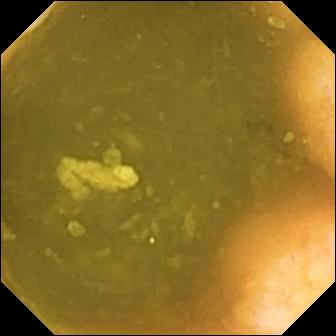VCE view taken in the ileo-cecal valve region (where the capsule passes from the small bowel into the large bowel).